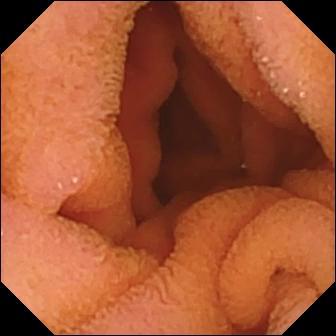VCE still of the small intestine showing normal clean mucosa.